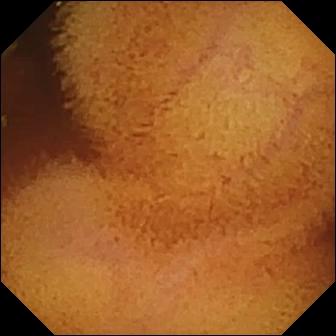Capsule endoscopy. Small intestine. Observation: normal clean mucosa.